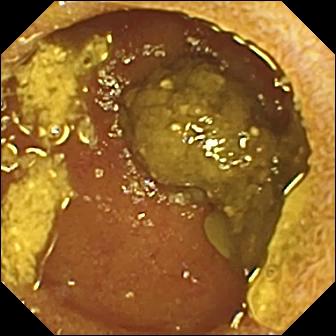Ileo-cecal valve region (where the capsule passes from the small bowel into the large bowel).